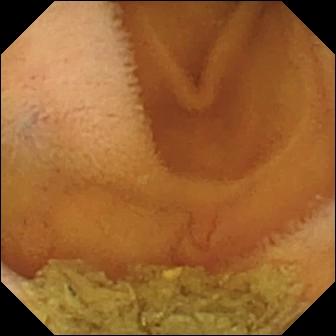- modality: capsule endoscopy
- label: normal clean mucosa